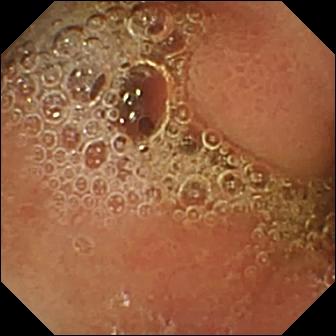modality: wireless capsule endoscopy
label: normal clean mucosa